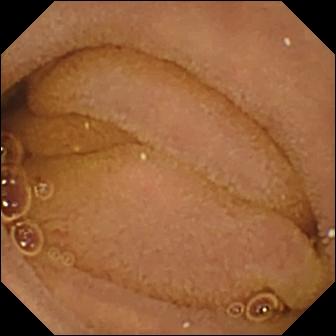PROCEDURE: VCE.
SEGMENT: Small intestine.
FINDINGS: Normal clean mucosa.